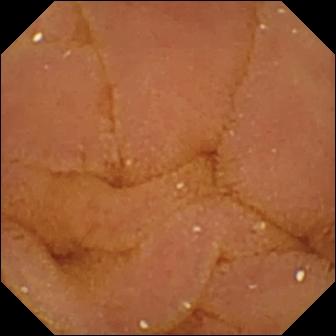Normal clean mucosa — capsule endoscopy image of the small bowel.